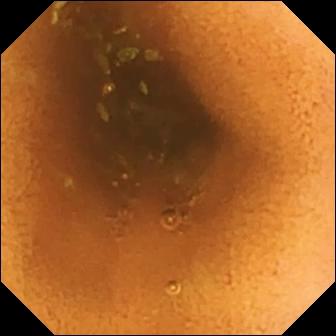Q: What does this capsule endoscopy still show?
A: Normal clean mucosa.